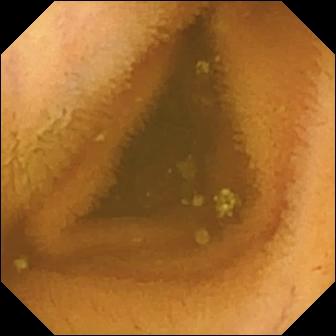- modality: WCE
- finding: normal clean mucosa